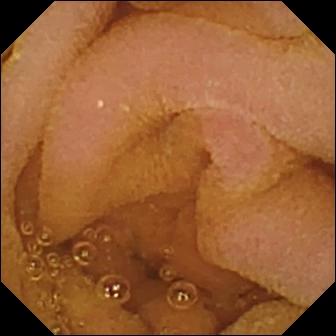Normal clean mucosa — small-bowel capsule endoscopy snapshot of the small bowel.